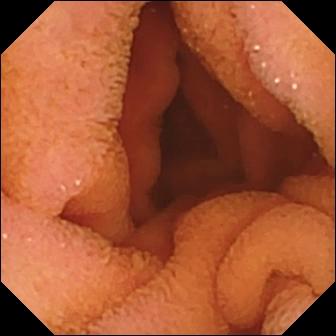PROCEDURE: Capsule endoscopy.
FINDINGS: Normal clean mucosa.